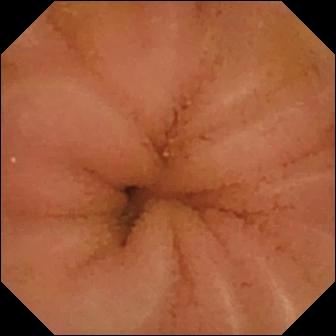Small-bowel capsule endoscopy image, 336×336. Normal clean mucosa.